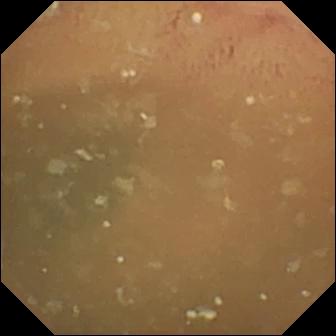- modality: VCE
- finding: normal clean mucosa